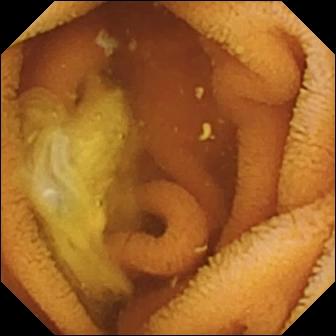Normal clean mucosa (336×336).